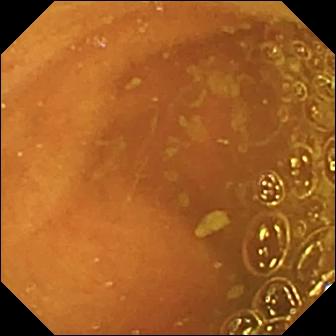VCE image
Location: ileo-cecal valve region (the transition from the small bowel to the large bowel)